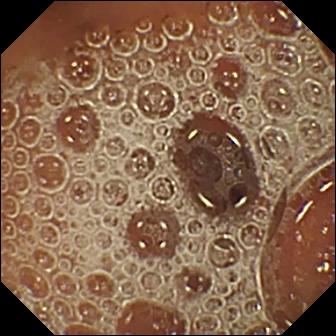WCE — normal clean mucosa.